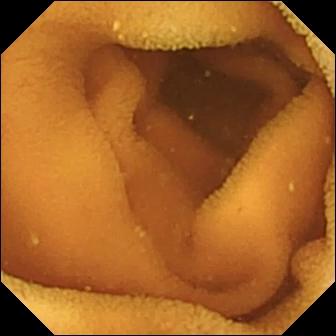Video capsule endoscopy. Finding: normal clean mucosa.